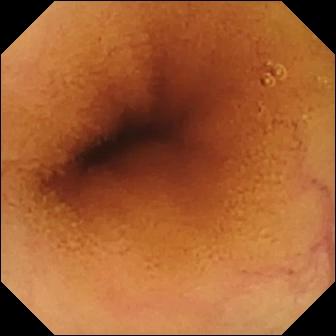Video capsule endoscopy image showing normal clean mucosa.